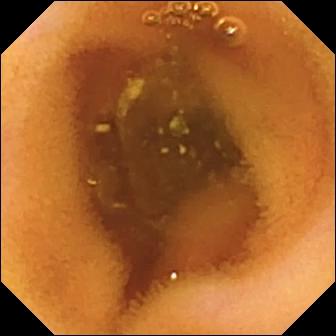Video capsule endoscopy. Impression: normal clean mucosa.